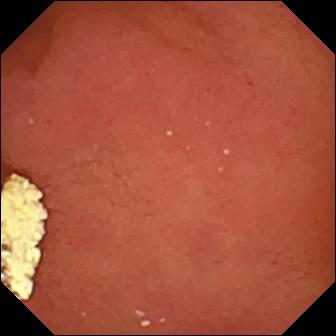Capsule endoscopy view
Video segment: pylorus region (where the capsule passes from the stomach into the small bowel)